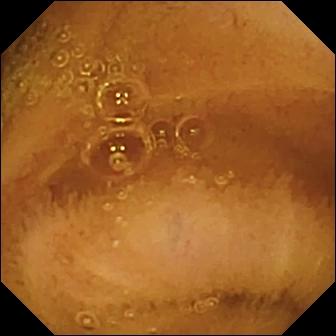- modality: capsule endoscopy
- segment: small bowel
- observation: normal clean mucosa